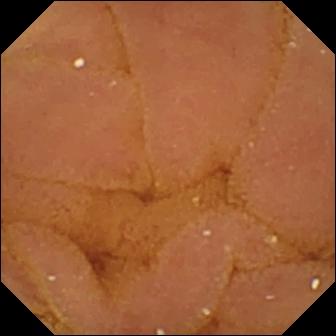{"modality": "wireless capsule endoscopy", "segment": "small intestine", "category": "luminal finding", "finding": "normal clean mucosa"}